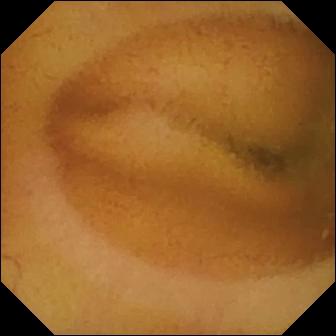{"modality": "VCE", "category": "luminal finding", "finding": "normal clean mucosa"}